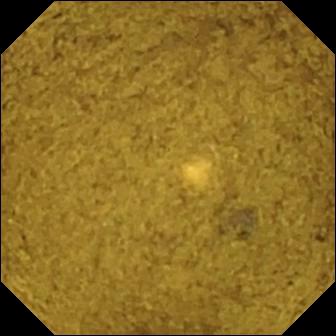modality: capsule endoscopy; label: ileo-cecal valve region